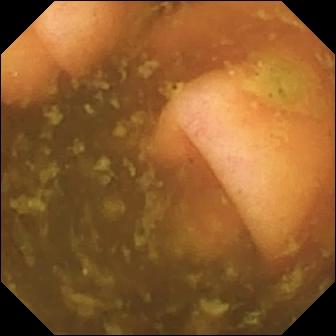PROCEDURE: Capsule endoscopy.
POSITION: Ileo-cecal valve region.